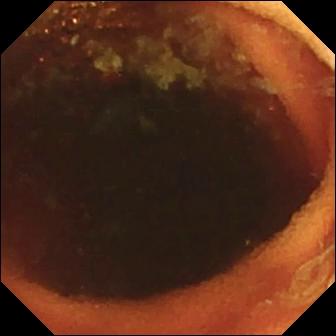Capsule endoscopy image. Taken in the ileo-cecal valve region.